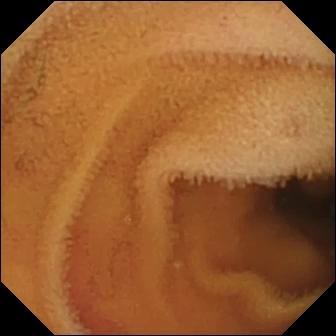modality: WCE; segment: small bowel; observation: normal clean mucosa